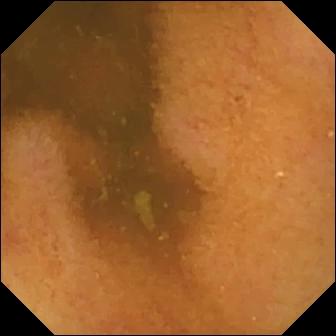Normal clean mucosa.